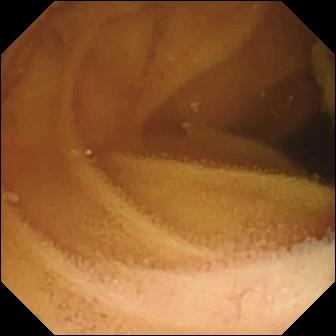{"modality": "small-bowel capsule endoscopy", "category": "luminal finding", "finding": "normal clean mucosa"}